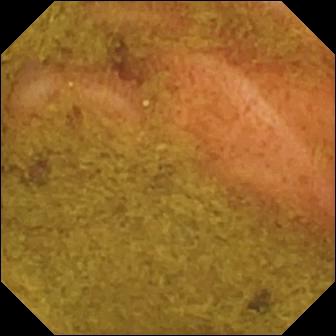WCE view. Taken in the ileo-cecal valve region (the transition from the small bowel to the large bowel).